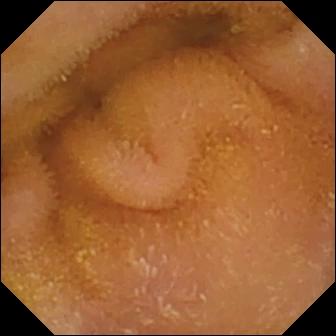This WCE frame shows normal clean mucosa.